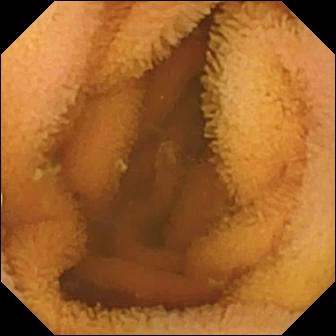modality: video capsule endoscopy; label: normal clean mucosa